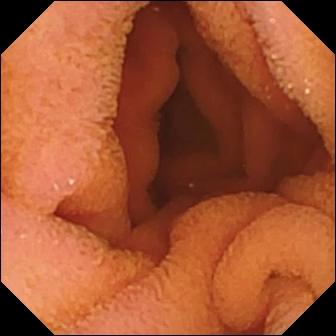{"modality": "video capsule endoscopy", "finding": "normal clean mucosa"}